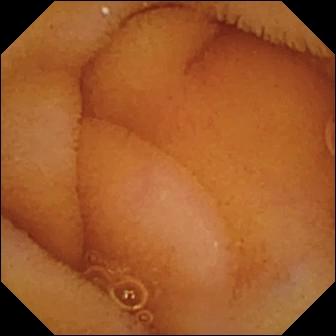VCE — normal clean mucosa.